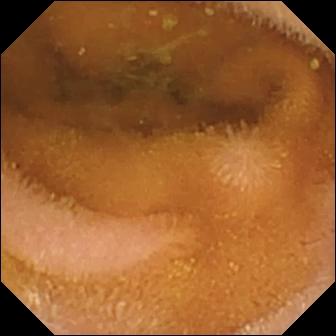Small-bowel capsule endoscopy view showing normal clean mucosa.